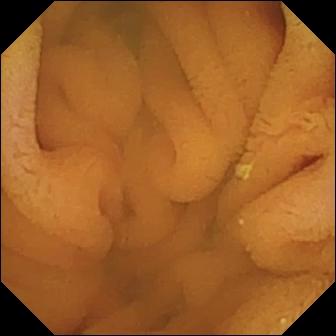Normal clean mucosa.